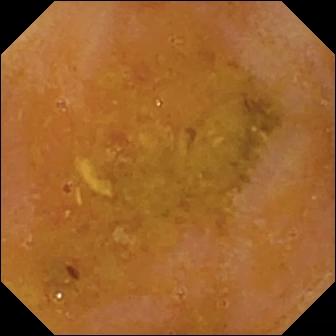Reduced mucosal view (content or bubbles obscuring the mucosa) — capsule endoscopy still.